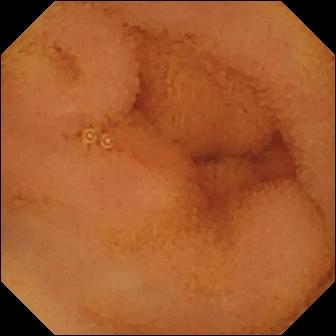Normal clean mucosa (336×336).